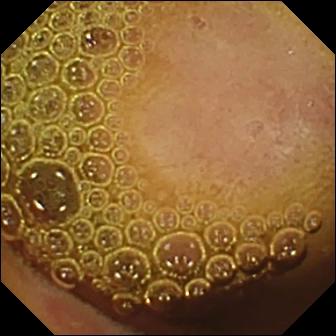- modality: wireless capsule endoscopy
- category: luminal finding
- observation: erosion